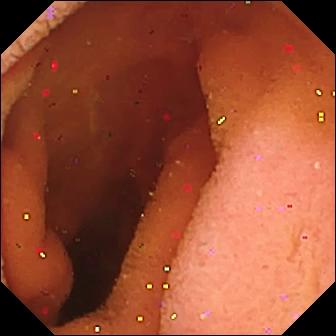modality: VCE; position: pylorus region